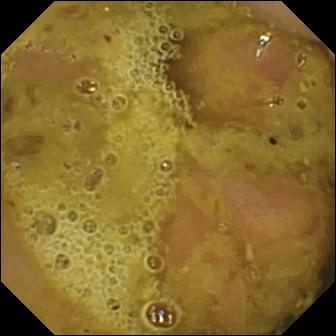VCE. Near an anatomical landmark. Label: ileo-cecal valve region.